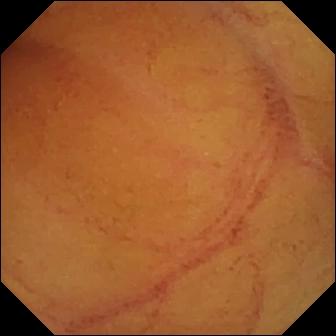Small-bowel capsule endoscopy still, small bowel
Observation: normal clean mucosa